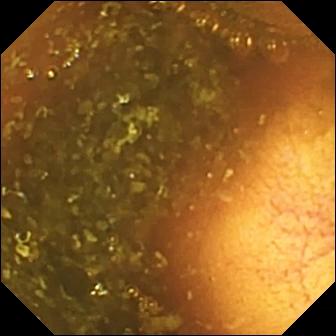Ileo-cecal valve region (where the capsule passes from the small bowel into the large bowel) — small-bowel capsule endoscopy still.